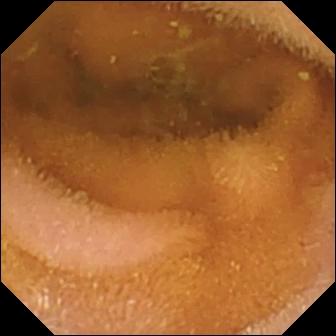Q: What does this WCE view show?
A: Normal clean mucosa.